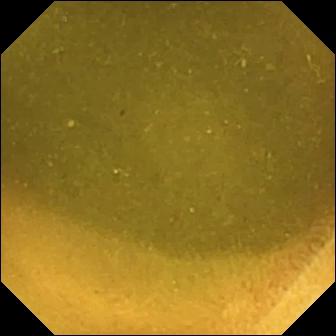VCE image taken in the ileo-cecal valve region (the transition from the small bowel to the large bowel).